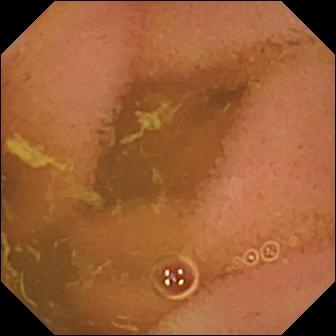Video capsule endoscopy — normal clean mucosa.